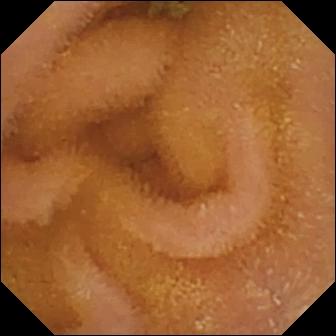Video capsule endoscopy view showing normal clean mucosa.